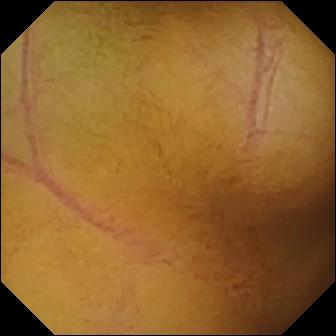Q: What does this WCE image of the small bowel show?
A: Normal clean mucosa.